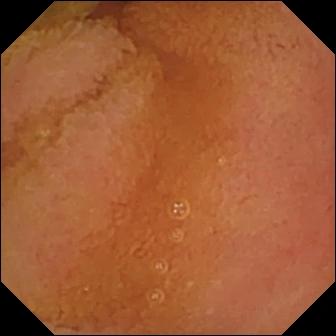{"modality": "wireless capsule endoscopy", "finding": "normal clean mucosa"}